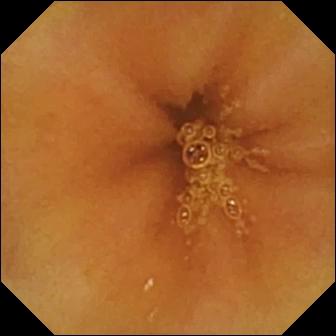modality: capsule endoscopy
category: luminal finding
impression: normal clean mucosa